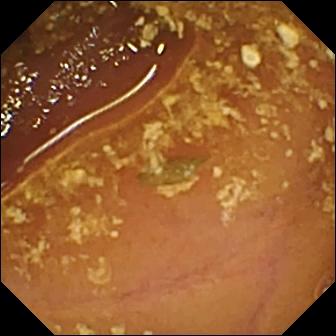This VCE view shows reduced mucosal view (content or bubbles obscuring the mucosa).